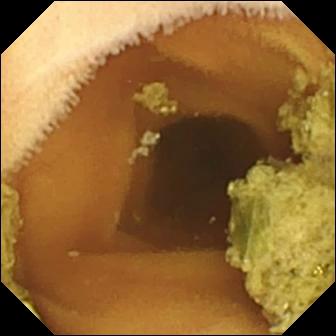{"modality": "video capsule endoscopy", "finding": "normal clean mucosa"}